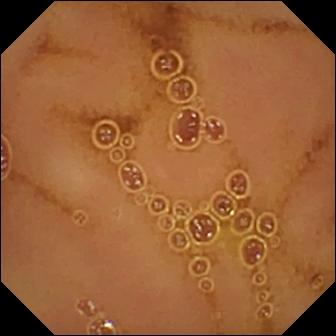Video capsule endoscopy frame of the small intestine showing normal clean mucosa.